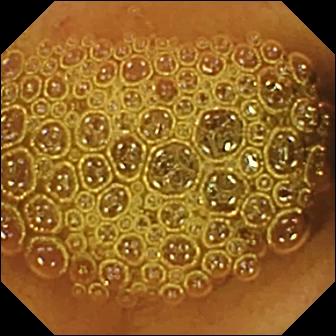Reduced mucosal view (content or bubbles obscuring the mucosa) — wireless capsule endoscopy still of the small intestine.